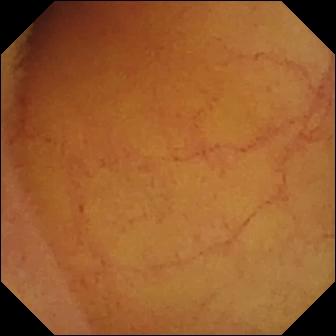Normal clean mucosa — VCE view of the small bowel.